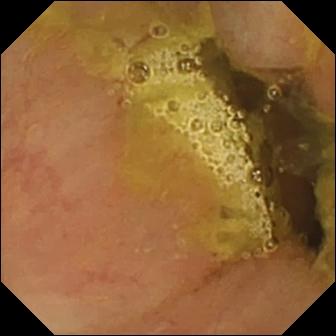PROCEDURE: Small-bowel capsule endoscopy.
POSITION: Ileo-cecal valve region.